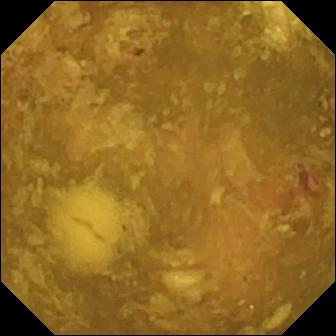Video capsule endoscopy view (small intestine). Reduced mucosal view (content or bubbles obscuring the mucosa).